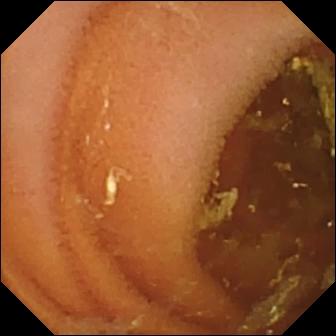Small-bowel capsule endoscopy view. Normal clean mucosa.